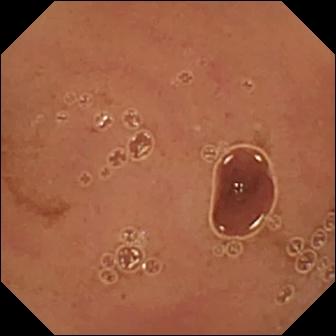- modality: VCE
- segment: small bowel
- category: luminal finding
- finding: normal clean mucosa